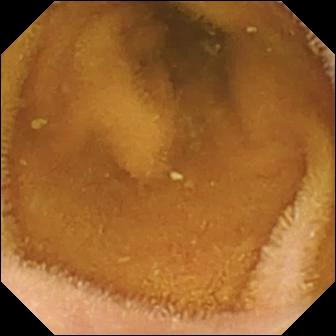- modality: VCE
- segment: small bowel
- category: luminal finding
- label: normal clean mucosa